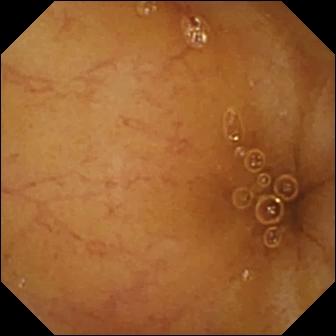- modality: WCE
- label: ileo-cecal valve region (the transition from the small bowel to the large bowel)